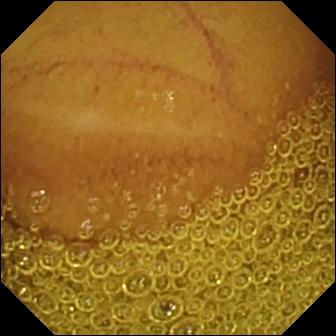modality: small-bowel capsule endoscopy; label: normal clean mucosa